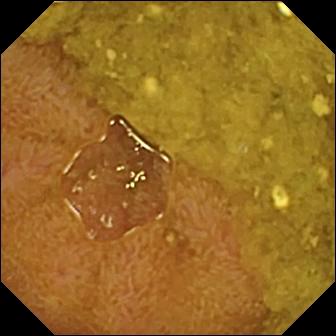VCE — ileo-cecal valve region (the transition from the small bowel to the large bowel).